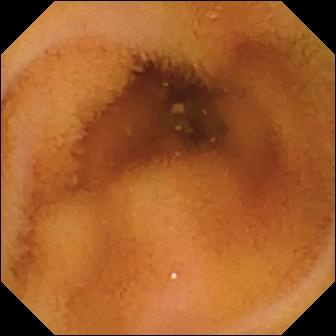VCE — normal clean mucosa.